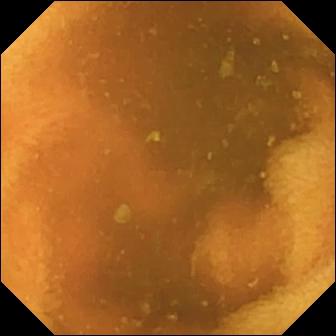{"modality": "capsule endoscopy", "segment": "small intestine", "category": "luminal finding", "finding": "normal clean mucosa"}